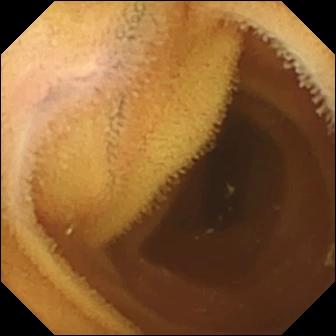modality: small-bowel capsule endoscopy; finding: normal clean mucosa